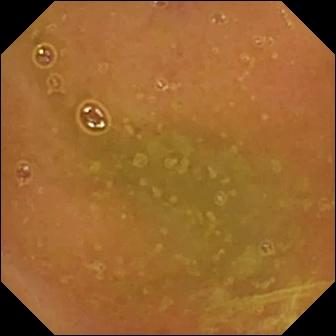Normal clean mucosa.